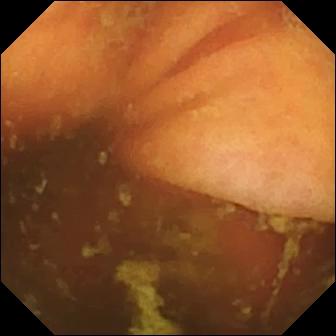VCE still
Label: ileo-cecal valve region